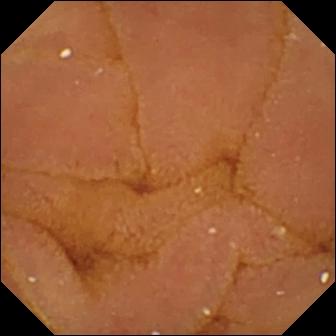Video capsule endoscopy frame showing normal clean mucosa.